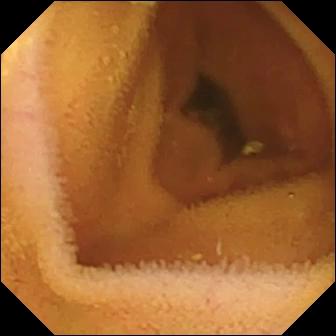modality: capsule endoscopy
category: luminal finding
impression: normal clean mucosa